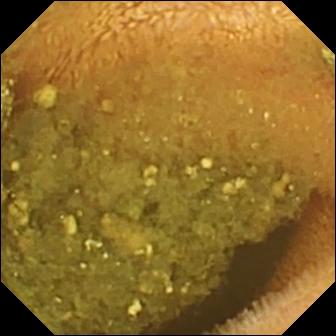VCE frame showing reduced mucosal view (content or bubbles obscuring the mucosa).